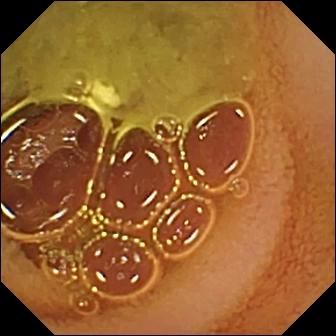Q: What does this capsule endoscopy still of the small intestine show?
A: Normal clean mucosa.